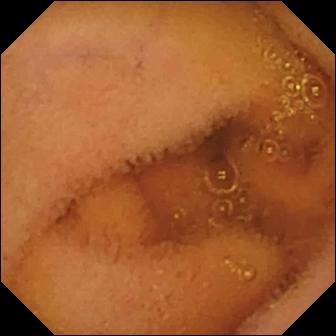modality: capsule endoscopy
observation: normal clean mucosa